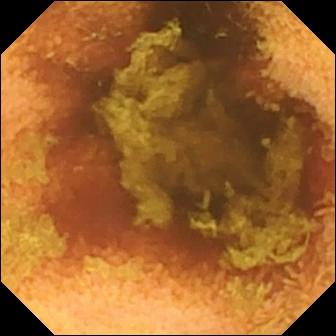modality: WCE; segment: small bowel; label: normal clean mucosa